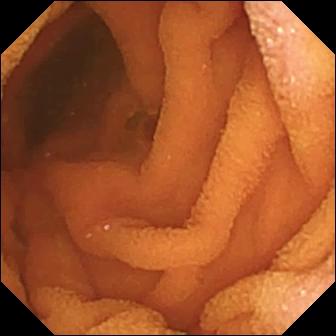Normal clean mucosa.